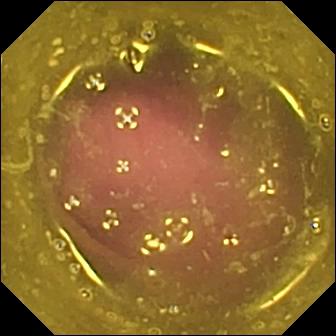Capsule endoscopy still
Observation: reduced mucosal view (content or bubbles obscuring the mucosa)